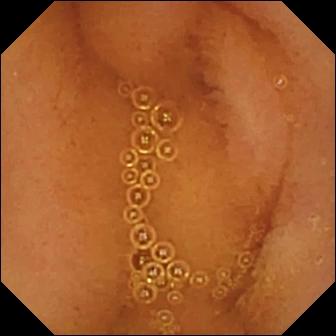WCE still of the small intestine showing normal clean mucosa.